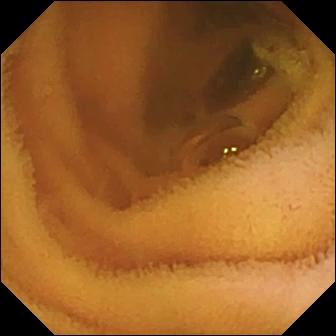modality: capsule endoscopy | category: luminal finding | label: normal clean mucosa